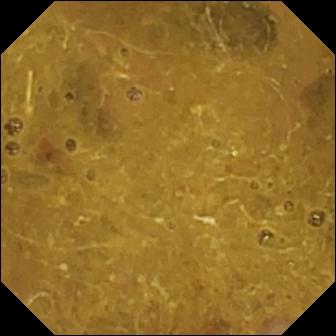- modality: wireless capsule endoscopy
- category: anatomical landmark
- location: ileo-cecal valve region (the transition from the small bowel to the large bowel)